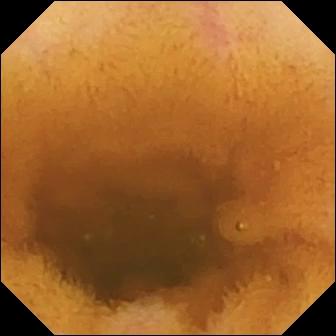This capsule endoscopy frame shows normal clean mucosa.